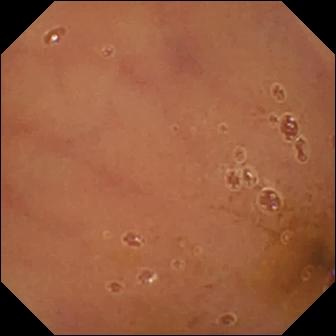Small-bowel capsule endoscopy frame
Observation: normal clean mucosa